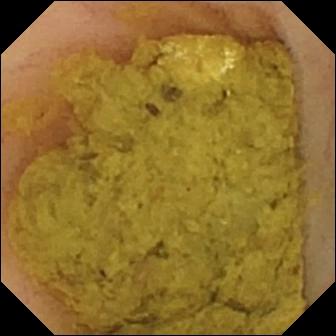PROCEDURE: Capsule endoscopy.
VIDEO SEGMENT: Ileo-cecal valve region (where the capsule passes from the small bowel into the large bowel).